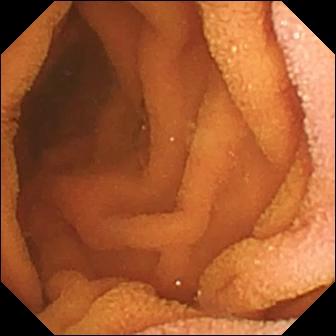Video capsule endoscopy snapshot showing normal clean mucosa.